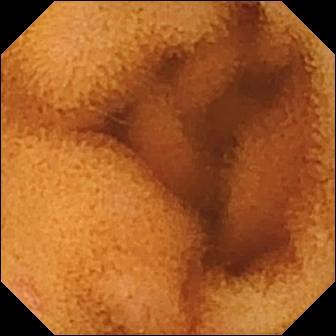Normal clean mucosa.